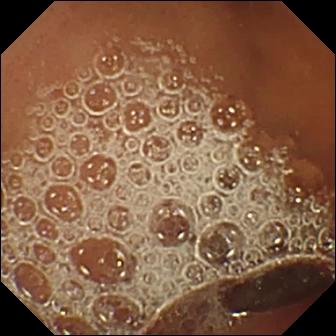Normal clean mucosa — VCE still.